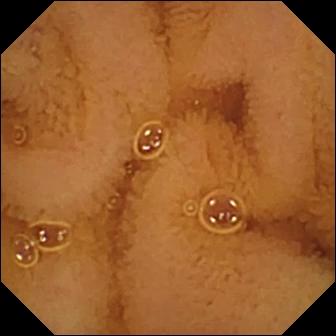Wireless capsule endoscopy still (small bowel). Normal clean mucosa.